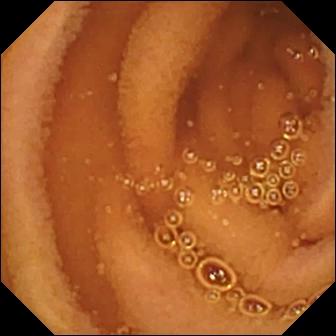PROCEDURE: WCE.
FINDINGS: Normal clean mucosa.